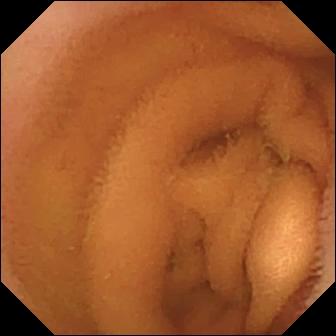modality: small-bowel capsule endoscopy; label: normal clean mucosa